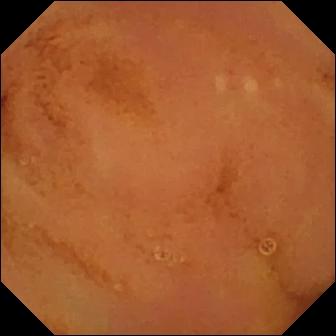Wireless capsule endoscopy view
Finding: normal clean mucosa